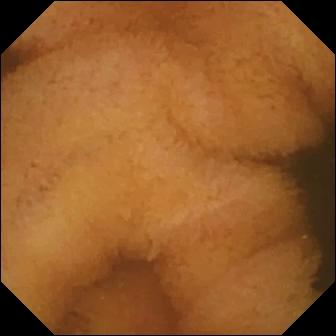WCE — normal clean mucosa.